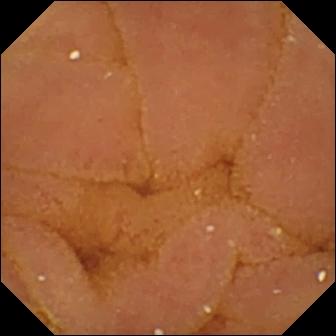WCE image showing normal clean mucosa.